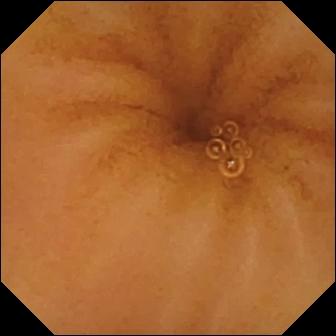{"modality": "small-bowel capsule endoscopy", "segment": "small intestine", "finding": "normal clean mucosa"}